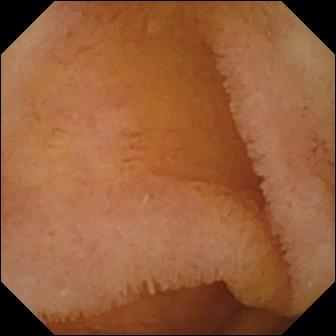Normal clean mucosa — small-bowel capsule endoscopy frame of the small intestine.